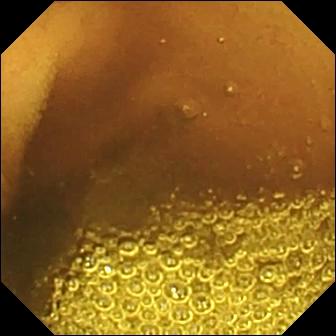Small-bowel capsule endoscopy — normal clean mucosa.